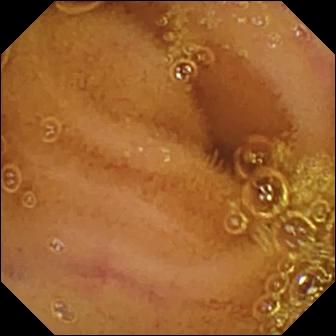Small-bowel capsule endoscopy — normal clean mucosa.